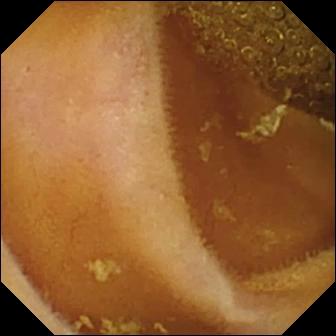modality: capsule endoscopy | segment: small bowel | finding: normal clean mucosa